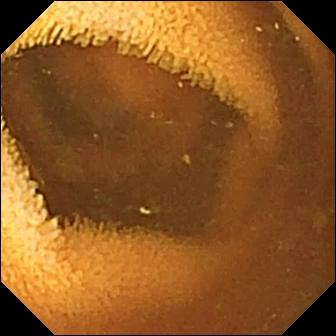Q: What does this capsule endoscopy snapshot of the small bowel show?
A: Normal clean mucosa.